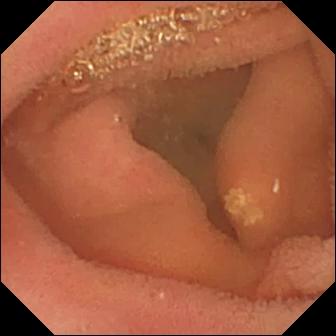WCE image, 336×336. Lymphangiectasia.